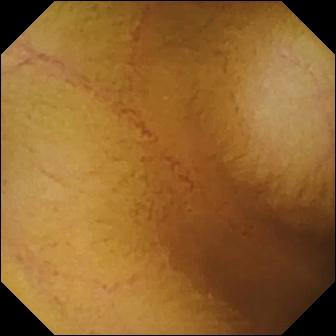PROCEDURE: Wireless capsule endoscopy.
SEGMENT: Small intestine.
FINDINGS: Normal clean mucosa.